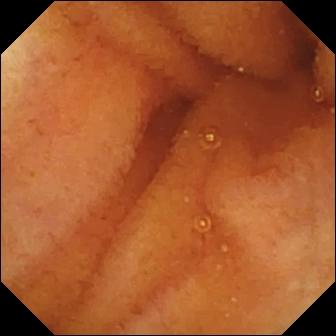PROCEDURE: WCE.
SEGMENT: Small intestine.
FINDINGS: Normal clean mucosa.